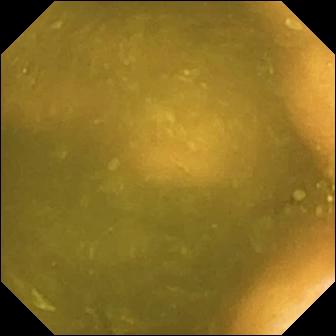PROCEDURE: Capsule endoscopy.
LABEL: Ileo-cecal valve region.